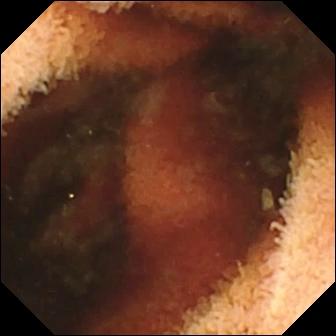This VCE frame shows fresh blood in the lumen.